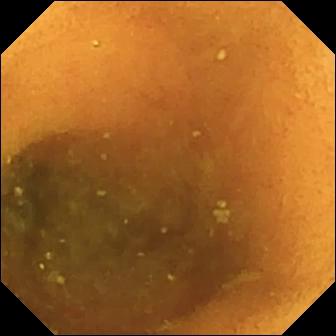Wireless capsule endoscopy snapshot. Normal clean mucosa.